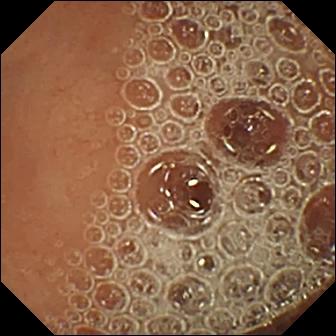Capsule endoscopy — normal clean mucosa.